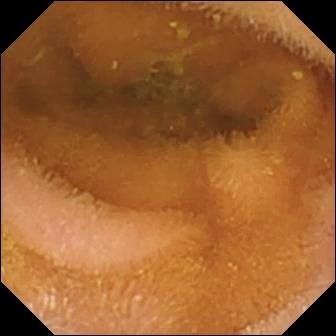Small-bowel capsule endoscopy — normal clean mucosa.